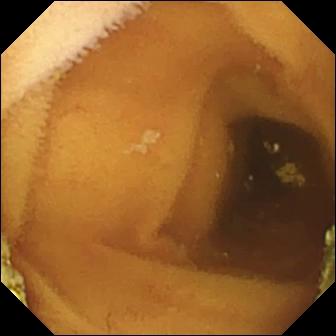WCE — normal clean mucosa.